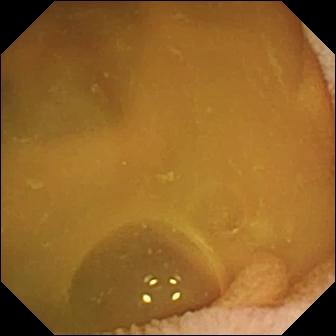Q: What does this VCE snapshot of the small bowel show?
A: Normal clean mucosa.